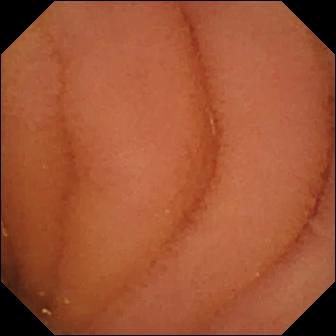Wireless capsule endoscopy. Small intestine. Observation: normal clean mucosa.